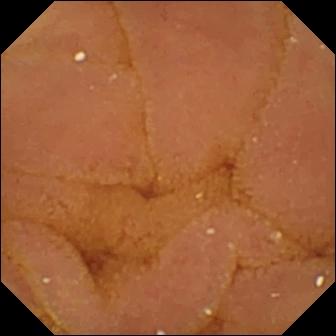- modality: VCE
- finding: normal clean mucosa